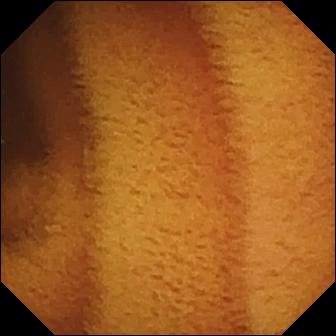Normal clean mucosa.